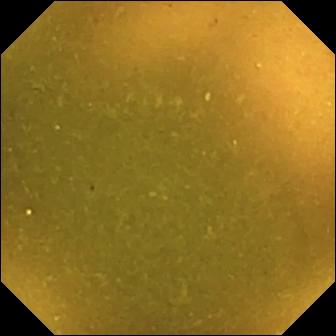Small-bowel capsule endoscopy still. Taken in the ileo-cecal valve region.